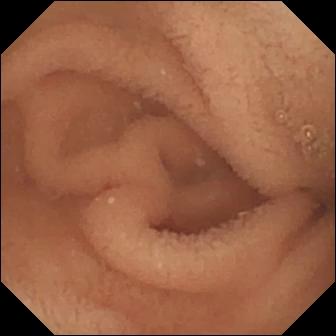Capsule endoscopy. Finding: normal clean mucosa.